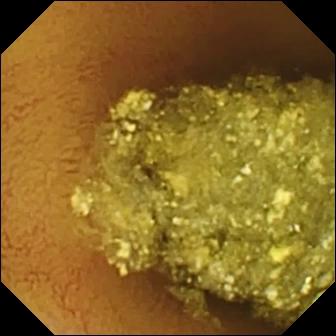- modality: video capsule endoscopy
- segment: small intestine
- impression: normal clean mucosa